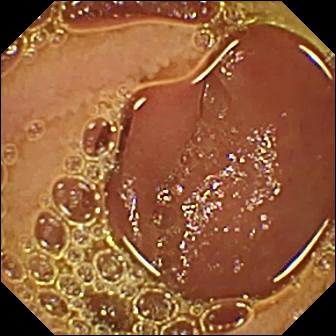This video capsule endoscopy image shows normal clean mucosa.